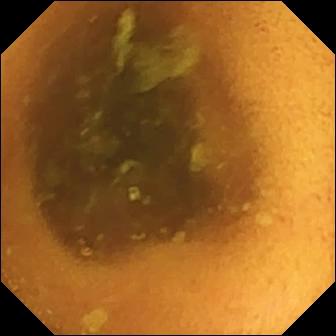- modality: VCE
- segment: small bowel
- label: normal clean mucosa